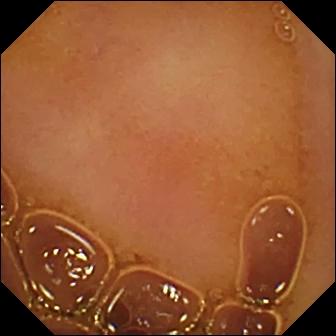VCE — normal clean mucosa.